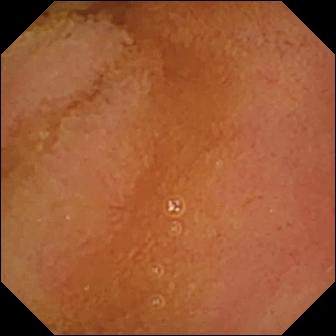PROCEDURE: Video capsule endoscopy.
FINDINGS: Normal clean mucosa.